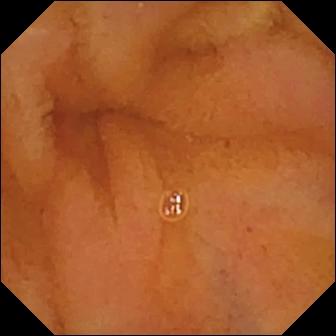Normal clean mucosa.